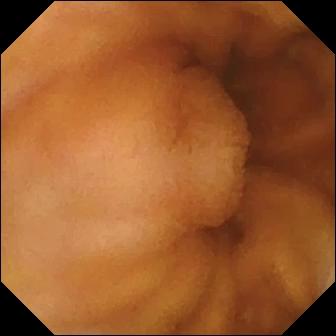Q: What does this small-bowel capsule endoscopy view of the small intestine show?
A: Normal clean mucosa.